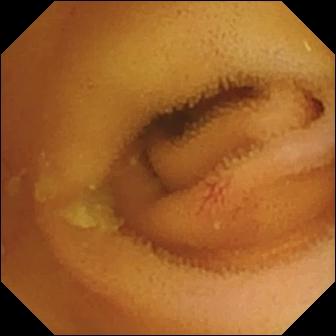Angiectasia (336×336).